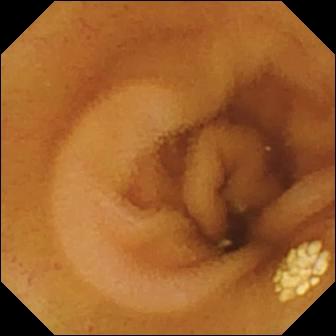Q: What does this wireless capsule endoscopy still show?
A: Lymphangiectasia.